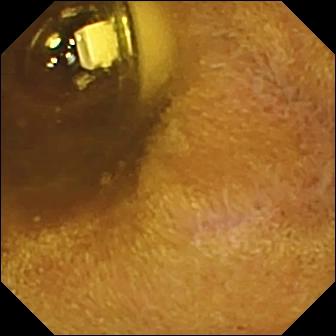WCE — foreign body (e.g. retained capsule, tablet residue).